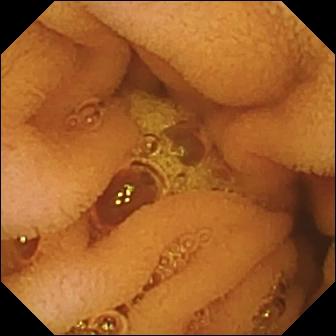Normal clean mucosa — VCE snapshot of the small bowel.